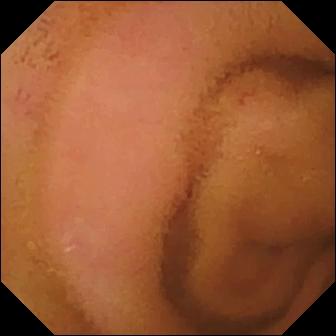PROCEDURE: VCE.
FINDINGS: Normal clean mucosa.